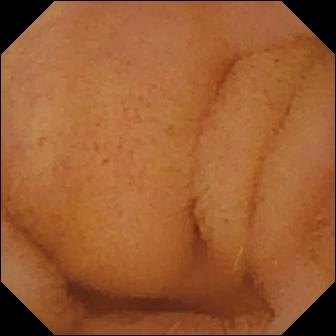This small-bowel capsule endoscopy image shows normal clean mucosa.